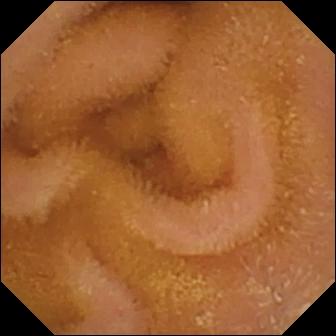- modality: WCE
- segment: small intestine
- observation: normal clean mucosa